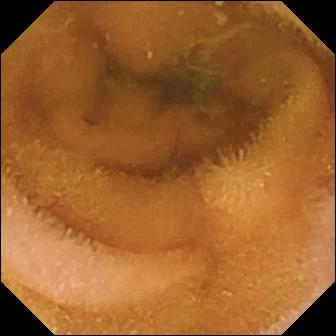Normal clean mucosa (336×336).